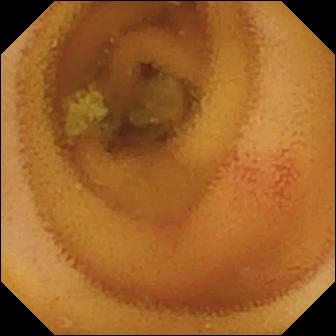Small-bowel capsule endoscopy view
Label: angiectasia